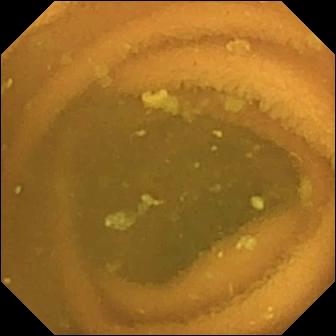- modality: capsule endoscopy
- label: normal clean mucosa